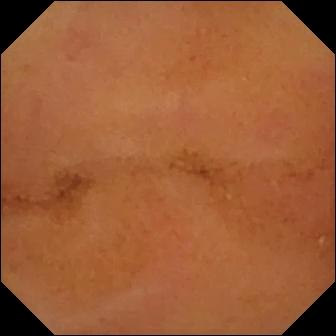Q: What does this small-bowel capsule endoscopy still of the small bowel show?
A: Normal clean mucosa.